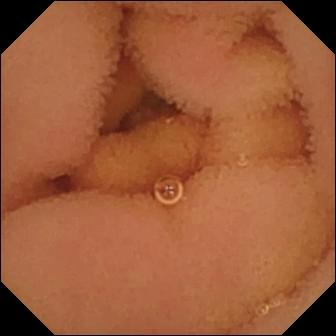Video capsule endoscopy image. Normal clean mucosa.